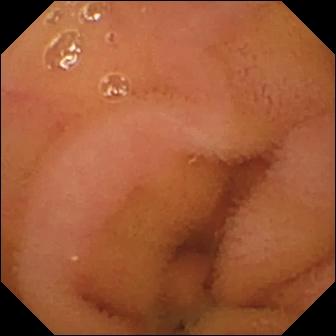modality: wireless capsule endoscopy
finding: normal clean mucosa